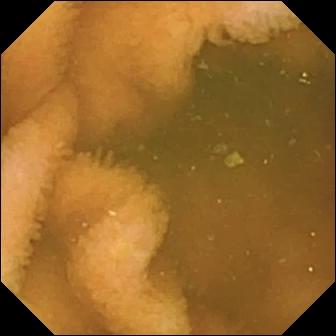Q: What does this video capsule endoscopy still of the small bowel show?
A: Normal clean mucosa.